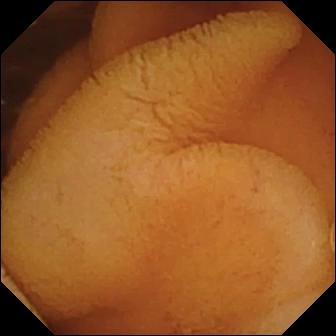modality: VCE; segment: small bowel; category: luminal finding; observation: normal clean mucosa